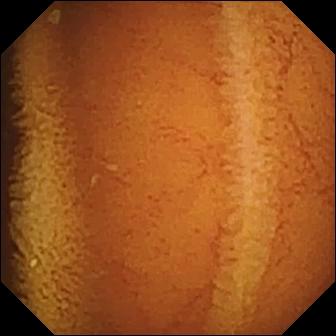Wireless capsule endoscopy — normal clean mucosa.